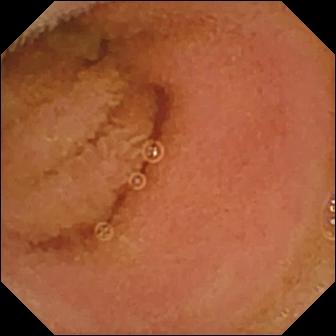{"modality": "capsule endoscopy", "segment": "small bowel", "finding": "normal clean mucosa"}